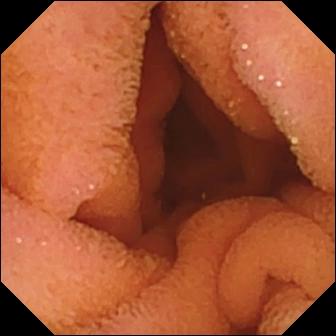PROCEDURE: VCE.
SEGMENT: Small bowel.
FINDINGS: Normal clean mucosa.